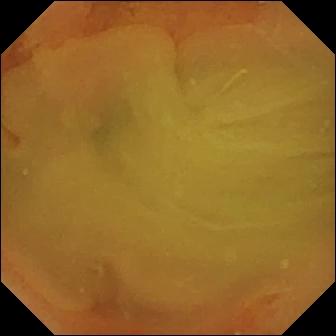Normal clean mucosa — VCE frame.